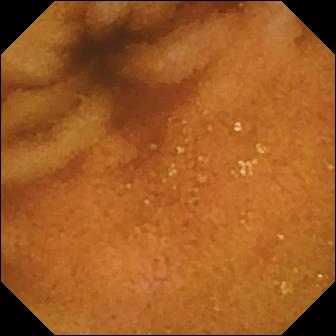VCE still
Finding: normal clean mucosa